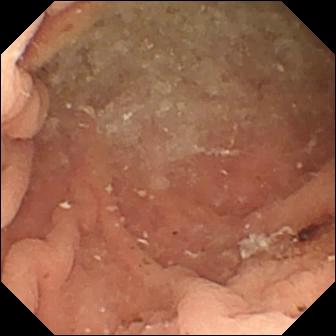- modality: small-bowel capsule endoscopy
- category: luminal finding
- observation: angiectasia